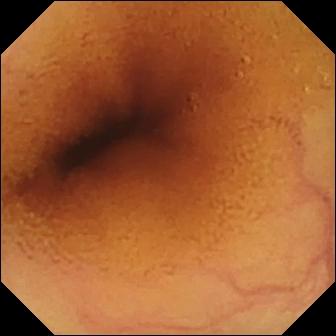Small-bowel capsule endoscopy. Small bowel. Label: normal clean mucosa.